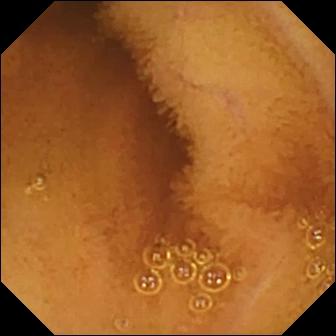- modality: small-bowel capsule endoscopy
- category: luminal finding
- finding: normal clean mucosa